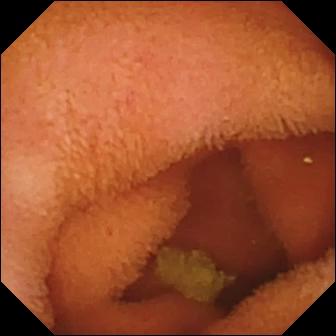PROCEDURE: Video capsule endoscopy.
SEGMENT: Small bowel.
FINDINGS: Normal clean mucosa.